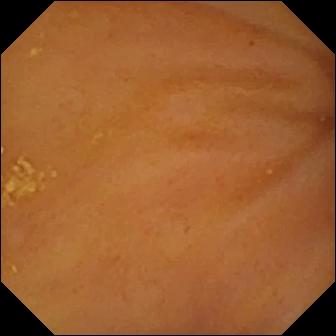PROCEDURE: Wireless capsule endoscopy.
LABEL: Ileo-cecal valve region (where the capsule passes from the small bowel into the large bowel).